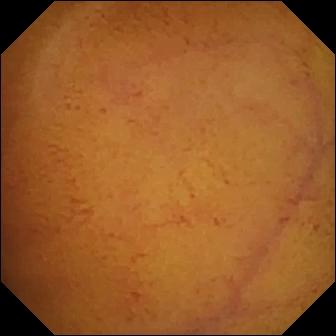Normal clean mucosa — wireless capsule endoscopy snapshot.